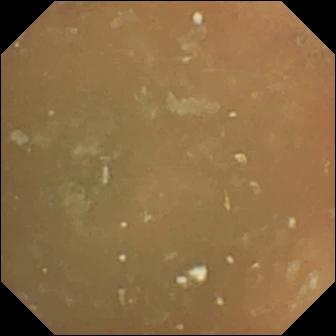Capsule endoscopy — normal clean mucosa.